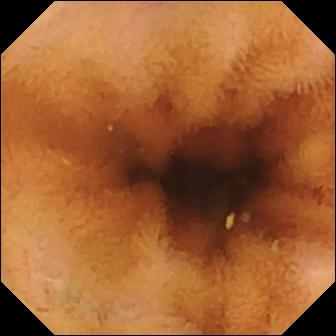VCE. Small bowel. Observation: normal clean mucosa.